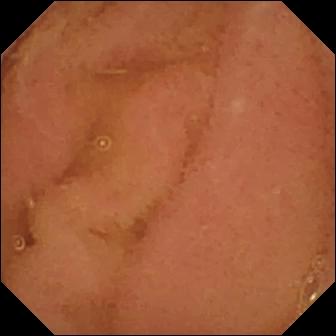modality: wireless capsule endoscopy | observation: normal clean mucosa